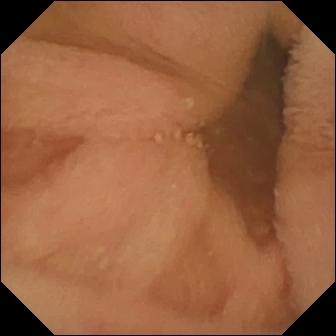Capsule endoscopy. Small intestine. Impression: normal clean mucosa.